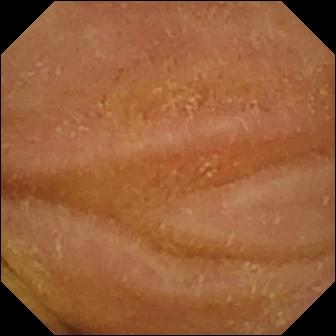WCE — normal clean mucosa.